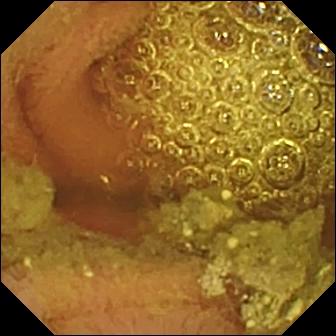PROCEDURE: Small-bowel capsule endoscopy.
SEGMENT: Small bowel.
FINDINGS: Normal clean mucosa.